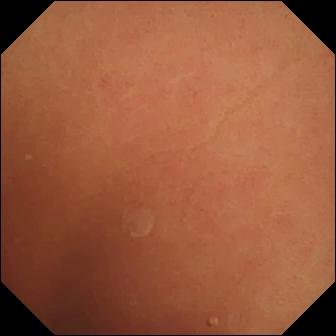{"modality": "WCE", "category": "luminal finding", "finding": "normal clean mucosa"}